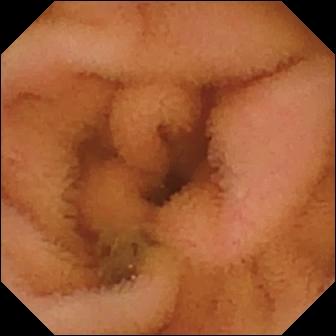Capsule endoscopy still, 336×336. Normal clean mucosa.